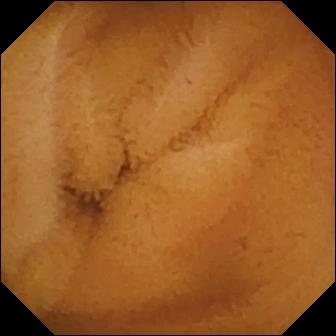{"modality": "capsule endoscopy", "finding": "normal clean mucosa"}